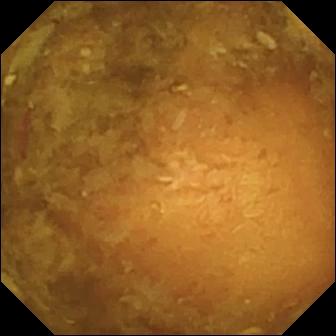PROCEDURE: Wireless capsule endoscopy.
FINDINGS: Reduced mucosal view (content or bubbles obscuring the mucosa).